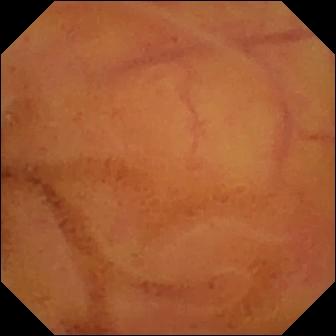This wireless capsule endoscopy snapshot shows normal clean mucosa.